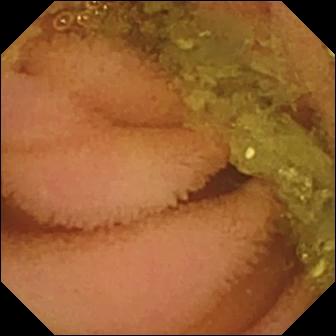PROCEDURE: Wireless capsule endoscopy.
SEGMENT: Small intestine.
FINDINGS: Normal clean mucosa.